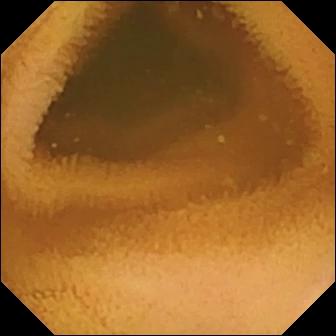Wireless capsule endoscopy view, small intestine
Finding: normal clean mucosa